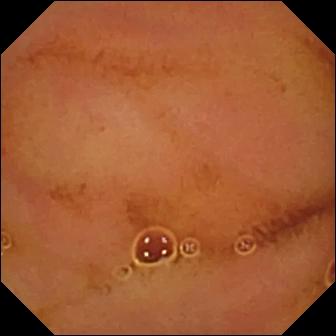{"modality": "capsule endoscopy", "segment": "small intestine", "finding": "normal clean mucosa"}